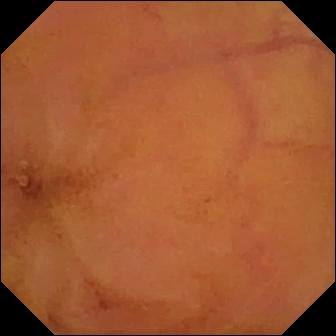VCE still (small bowel). Normal clean mucosa.